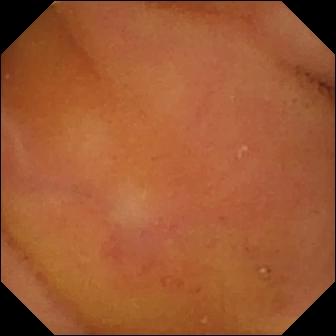Normal clean mucosa (336×336).